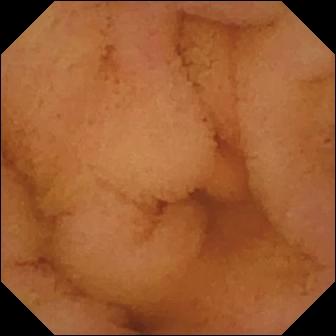Normal clean mucosa — VCE still of the small bowel.